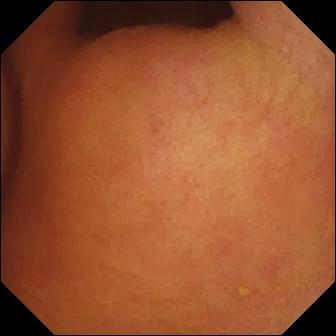PROCEDURE: Wireless capsule endoscopy.
FINDINGS: Foreign body (e.g. retained capsule, tablet residue).